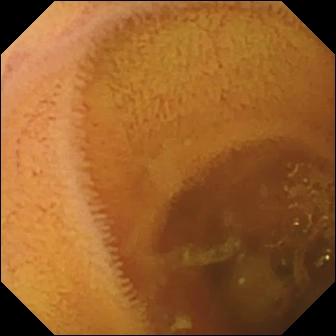Small-bowel capsule endoscopy — normal clean mucosa.